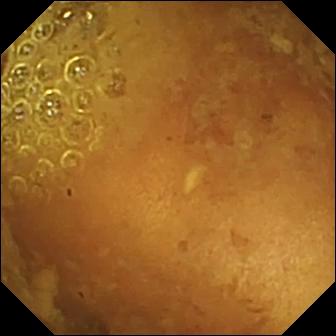VCE view
Label: reduced mucosal view (content or bubbles obscuring the mucosa)